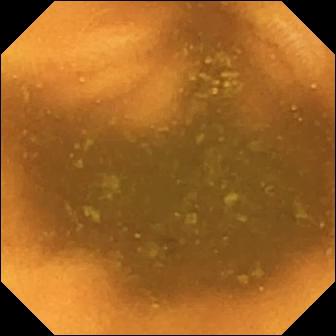Q: What does this WCE still of the small intestine show?
A: Normal clean mucosa.